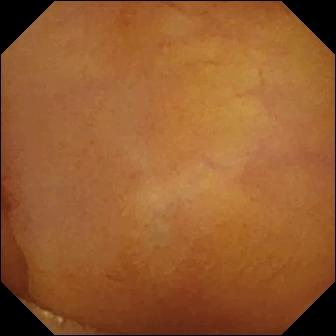- modality: video capsule endoscopy
- impression: normal clean mucosa